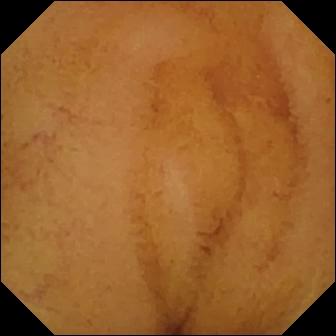VCE — normal clean mucosa.